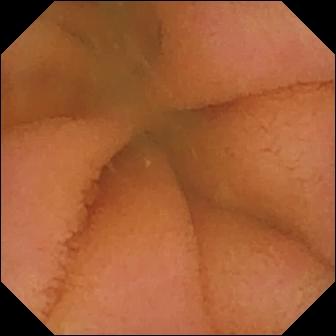Capsule endoscopy — normal clean mucosa.